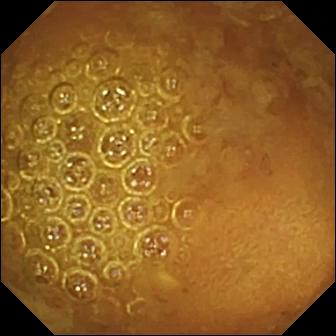Reduced mucosal view (content or bubbles obscuring the mucosa) (336×336).